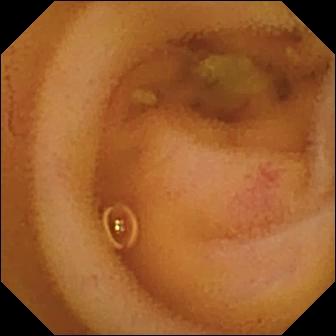This small-bowel capsule endoscopy snapshot shows angiectasia.